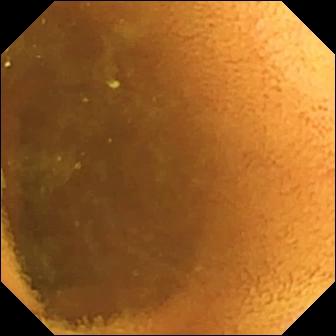{"modality": "VCE", "segment": "small bowel", "category": "luminal finding", "finding": "normal clean mucosa"}